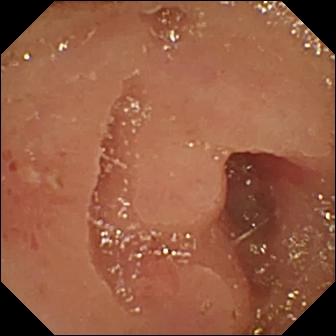PROCEDURE: Capsule endoscopy.
FINDINGS: Erosion.